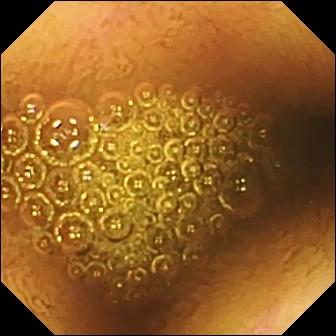modality: WCE
segment: small bowel
category: luminal finding
impression: reduced mucosal view (content or bubbles obscuring the mucosa)